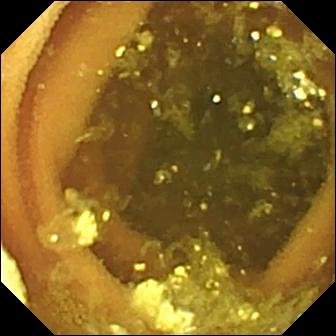This WCE snapshot shows lymphangiectasia.